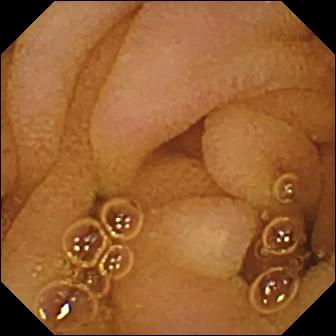Normal clean mucosa — wireless capsule endoscopy still of the small intestine.